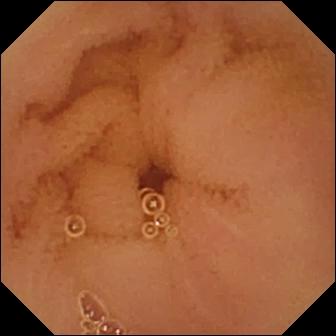modality: VCE
category: luminal finding
impression: normal clean mucosa